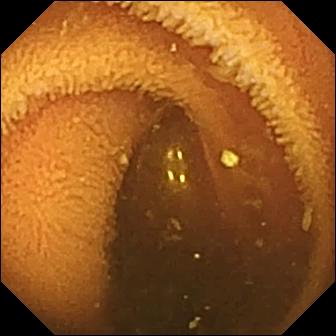Normal clean mucosa.